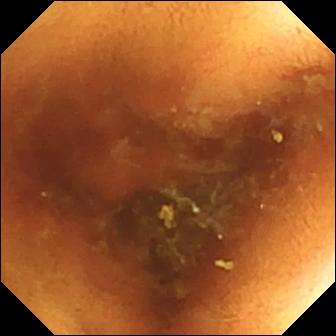This WCE image shows normal clean mucosa.